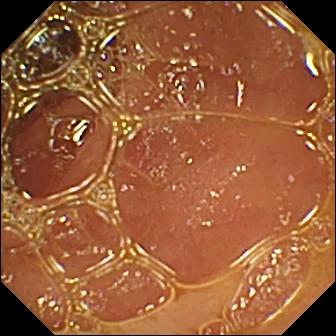VCE. Small bowel. Finding: normal clean mucosa.